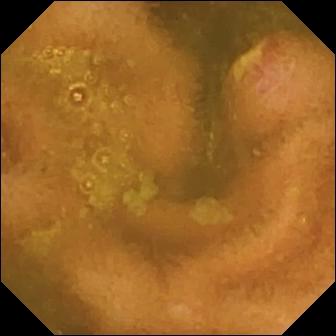Ulcer — wireless capsule endoscopy snapshot.